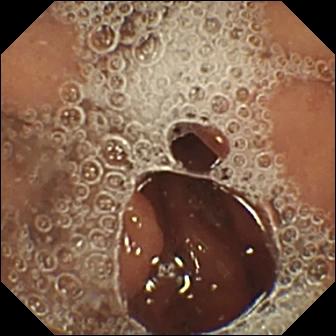Wireless capsule endoscopy frame. Taken in the pylorus region (where the capsule passes from the stomach into the small bowel).